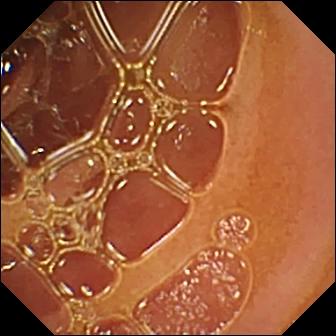- modality: wireless capsule endoscopy
- category: luminal finding
- label: normal clean mucosa